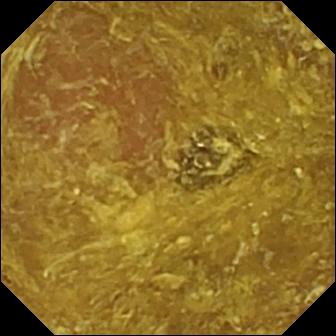- modality: video capsule endoscopy
- segment: small intestine
- category: luminal finding
- observation: reduced mucosal view (content or bubbles obscuring the mucosa)